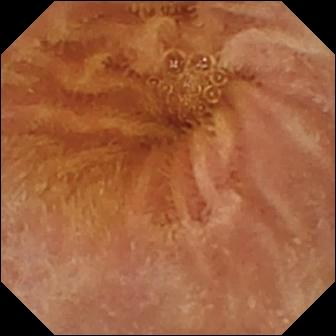VCE — normal clean mucosa.